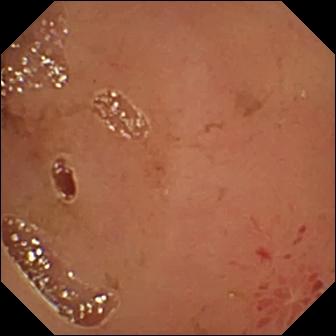Wireless capsule endoscopy image
Finding: erosion